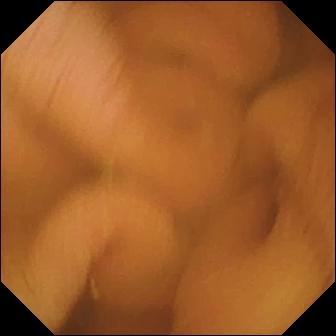{"modality": "wireless capsule endoscopy", "segment": "small bowel", "finding": "normal clean mucosa"}